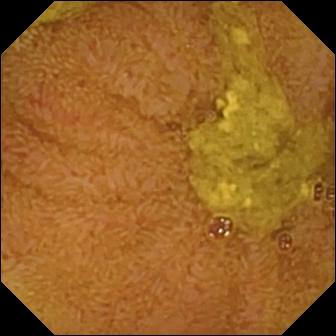modality: video capsule endoscopy; position: ileo-cecal valve region